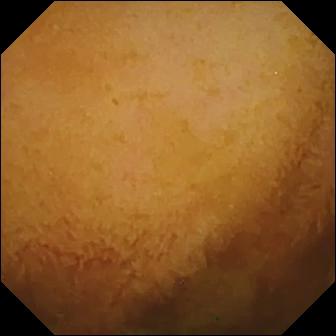- modality: capsule endoscopy
- segment: small bowel
- impression: normal clean mucosa